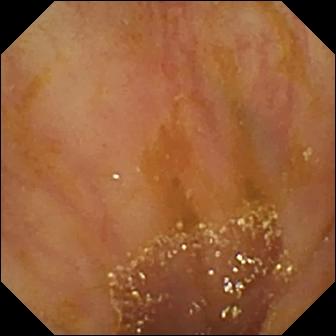Q: Where in the digestive tract was this wireless capsule endoscopy still taken?
A: Ileo-cecal valve region (the transition from the small bowel to the large bowel).